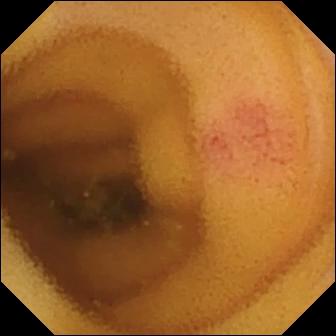PROCEDURE: VCE.
FINDINGS: Angiectasia.